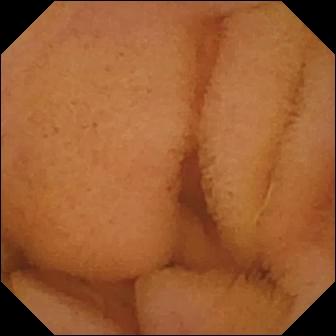Normal clean mucosa.